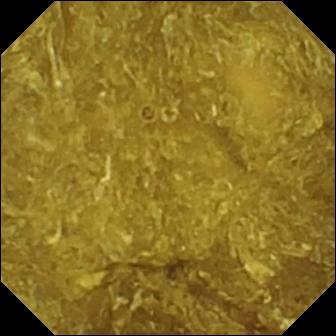modality: VCE
segment: small bowel
observation: reduced mucosal view (content or bubbles obscuring the mucosa)